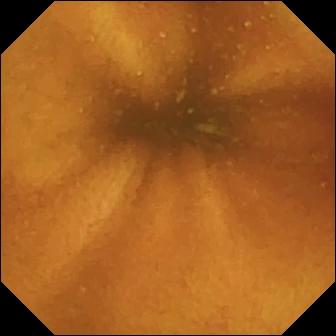Small-bowel capsule endoscopy snapshot (small intestine), 336×336. Normal clean mucosa.